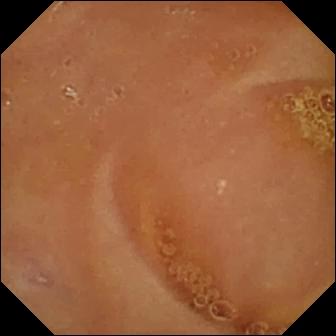VCE image
Observation: normal clean mucosa